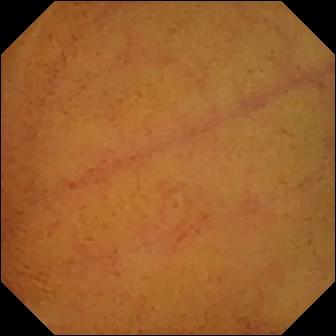Normal clean mucosa — video capsule endoscopy snapshot.